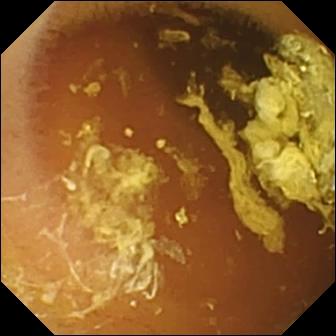Capsule endoscopy view. Normal clean mucosa.